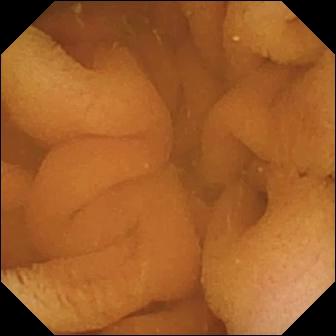Normal clean mucosa (336×336).